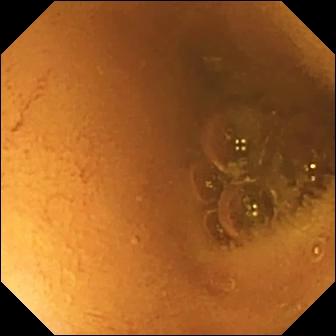Q: What does this wireless capsule endoscopy frame of the small intestine show?
A: Normal clean mucosa.